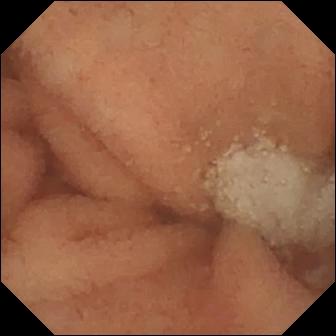Normal clean mucosa.